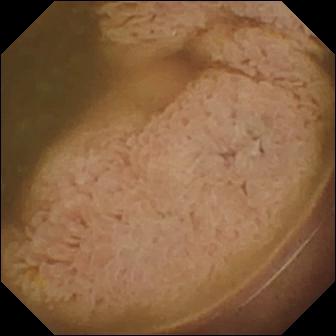Q: Where in the digestive tract was this small-bowel capsule endoscopy frame taken?
A: Ileo-cecal valve region (the transition from the small bowel to the large bowel).